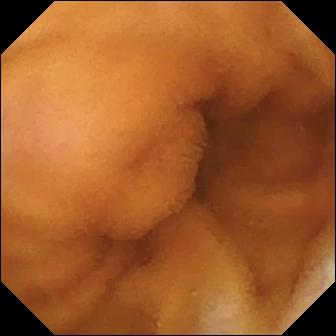Q: What does this video capsule endoscopy view of the small intestine show?
A: Normal clean mucosa.